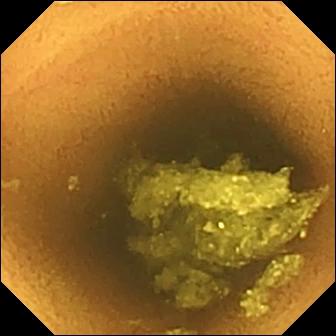WCE view
Label: normal clean mucosa